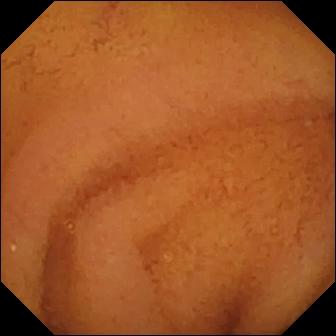This WCE view shows normal clean mucosa.